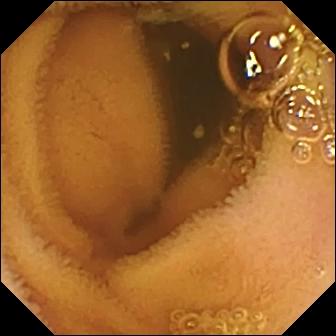- modality: wireless capsule endoscopy
- segment: small bowel
- category: luminal finding
- finding: normal clean mucosa